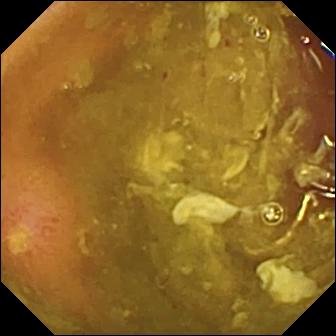WCE. Impression: ulcer.